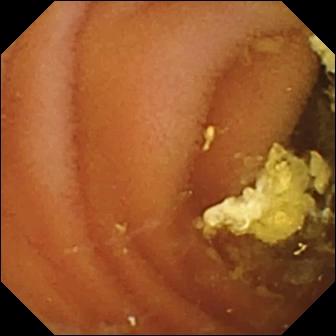Small-bowel capsule endoscopy. Small intestine. Observation: normal clean mucosa.